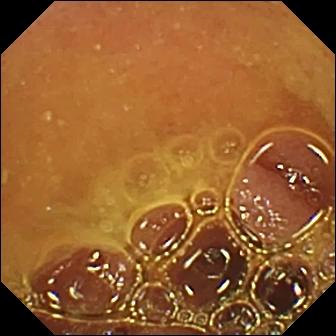VCE. Luminal finding. Observation: normal clean mucosa.